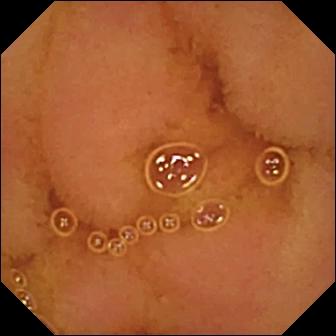Normal clean mucosa (336×336).